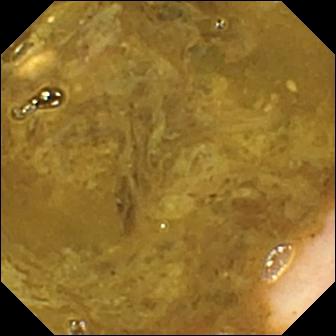PROCEDURE: VCE.
POSITION: Ileo-cecal valve region (the transition from the small bowel to the large bowel).